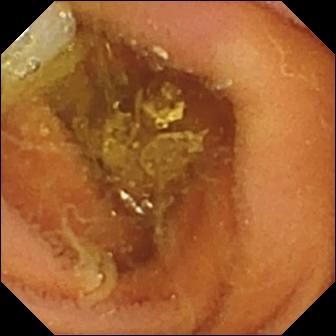VCE snapshot of the small intestine showing normal clean mucosa.